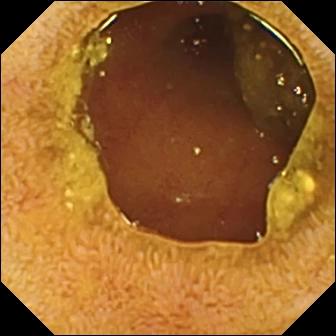{"modality": "VCE", "category": "anatomical landmark", "location": "ileo-cecal valve region (where the capsule passes from the small bowel into the large bowel)"}